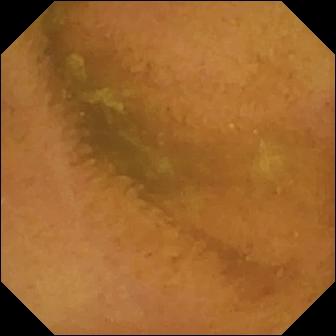Small-bowel capsule endoscopy. Impression: normal clean mucosa.